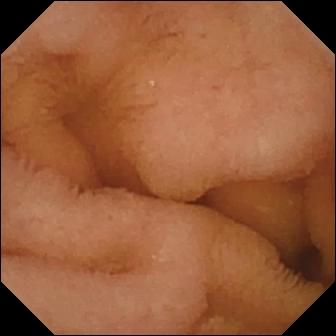This small-bowel capsule endoscopy view of the small bowel shows normal clean mucosa.